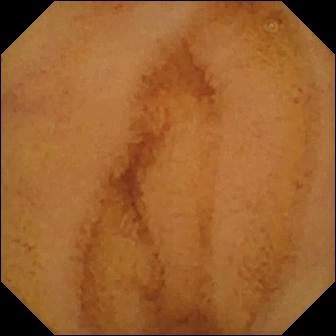WCE — normal clean mucosa.